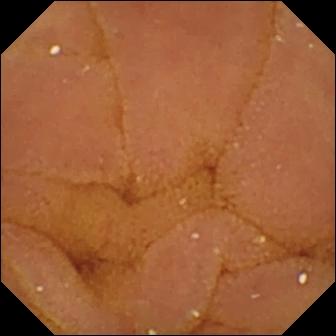Video capsule endoscopy — normal clean mucosa.